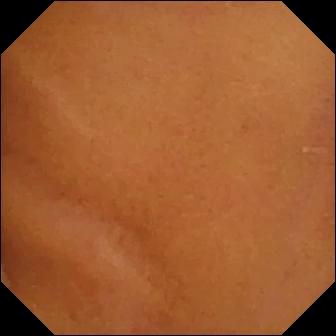This small-bowel capsule endoscopy frame of the small bowel shows normal clean mucosa.